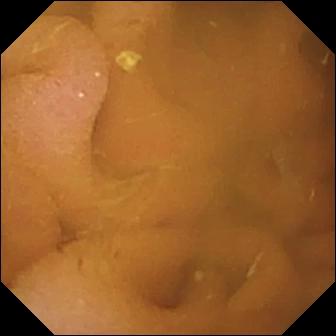modality: wireless capsule endoscopy; label: normal clean mucosa